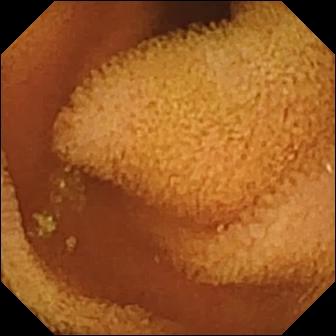Q: What does this WCE image of the small intestine show?
A: Normal clean mucosa.